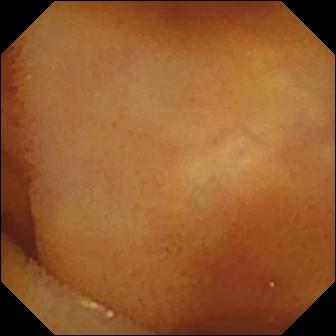This WCE frame of the small bowel shows normal clean mucosa.